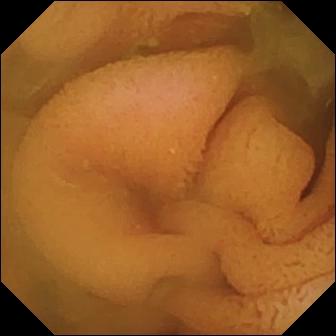{"modality": "WCE", "segment": "small intestine", "finding": "normal clean mucosa"}